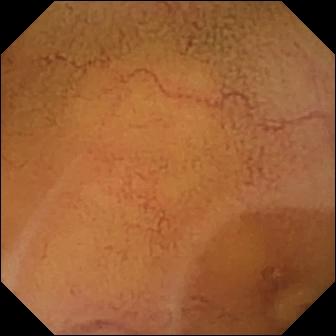modality: small-bowel capsule endoscopy
observation: normal clean mucosa